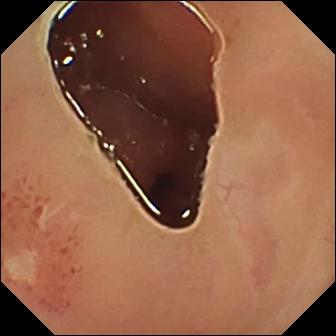modality: video capsule endoscopy | observation: ulcer